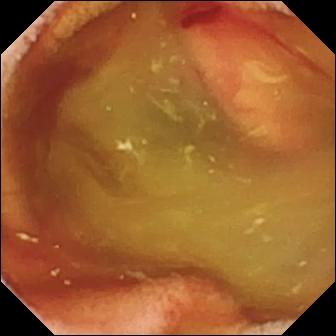Video capsule endoscopy. Impression: fresh blood in the lumen.